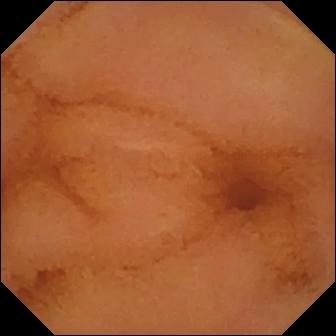Small-bowel capsule endoscopy. Small intestine. Luminal finding. Impression: normal clean mucosa.